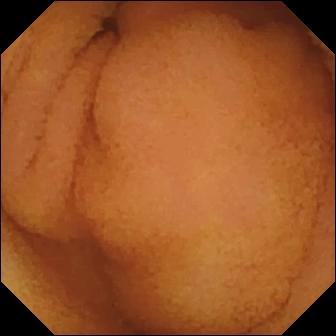Q: What does this small-bowel capsule endoscopy still of the small intestine show?
A: Normal clean mucosa.